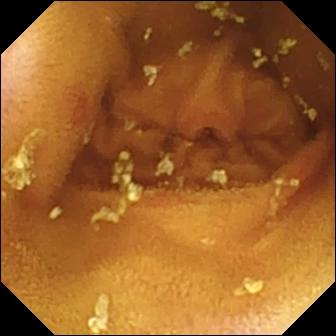Erosion.